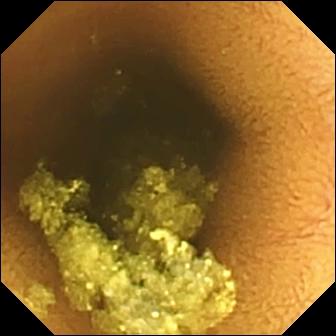Capsule endoscopy snapshot of the small intestine showing normal clean mucosa.